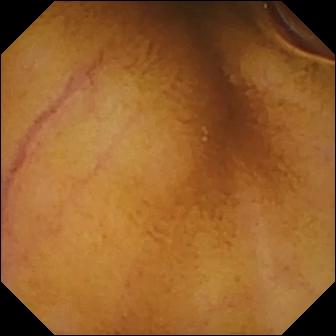PROCEDURE: VCE.
FINDINGS: Normal clean mucosa.